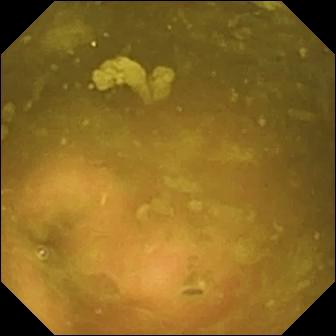Capsule endoscopy view taken in the ileo-cecal valve region (where the capsule passes from the small bowel into the large bowel).